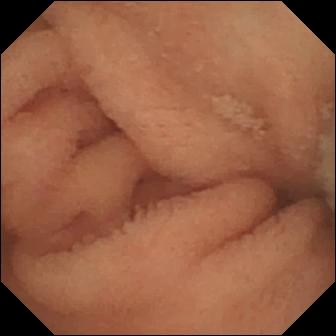WCE still
Impression: normal clean mucosa